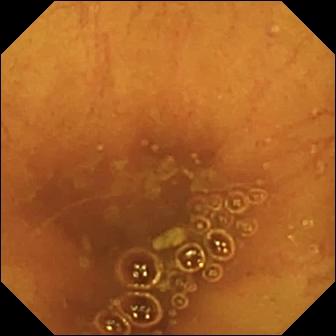Q: Where in the digestive tract was this small-bowel capsule endoscopy view taken?
A: Ileo-cecal valve region (the transition from the small bowel to the large bowel).